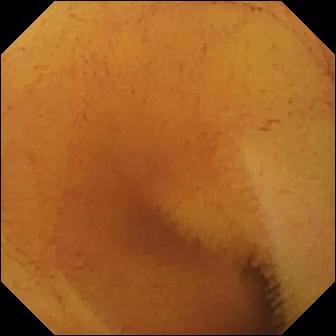- modality: WCE
- segment: small intestine
- impression: normal clean mucosa